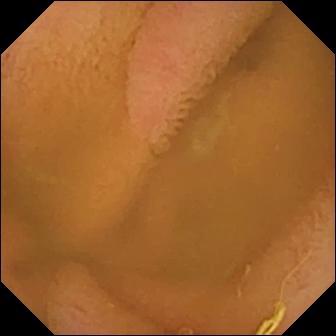Normal clean mucosa — WCE snapshot of the small bowel.